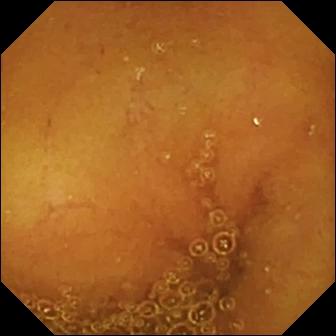modality: small-bowel capsule endoscopy
impression: normal clean mucosa